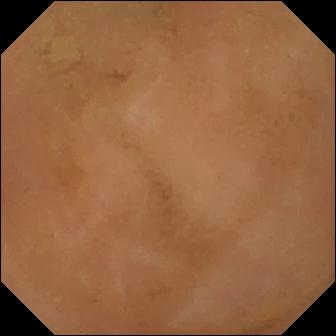- modality: video capsule endoscopy
- observation: normal clean mucosa